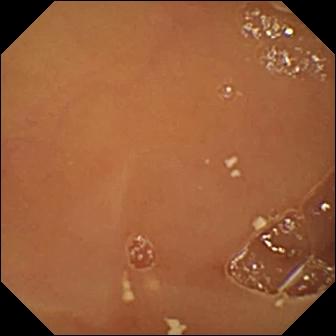Capsule endoscopy snapshot. Normal clean mucosa.